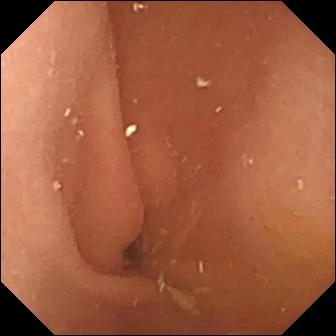PROCEDURE: Video capsule endoscopy.
LOCATION: Pylorus region (where the capsule passes from the stomach into the small bowel).